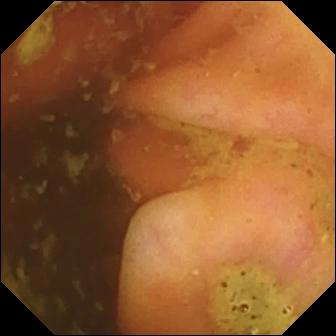Video capsule endoscopy — ileo-cecal valve region (where the capsule passes from the small bowel into the large bowel).